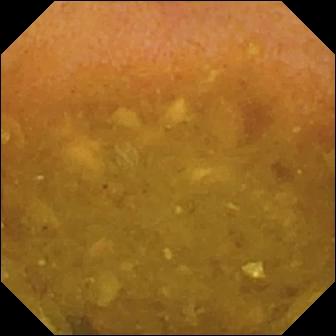Capsule endoscopy. Observation: reduced mucosal view (content or bubbles obscuring the mucosa).